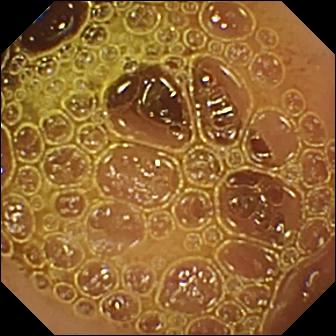modality: WCE; segment: small intestine; label: normal clean mucosa